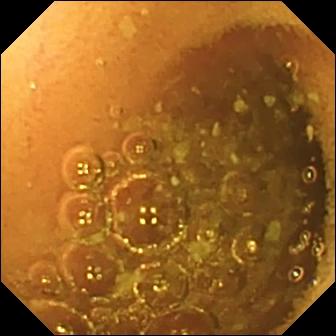Wireless capsule endoscopy. Small intestine. Impression: normal clean mucosa.